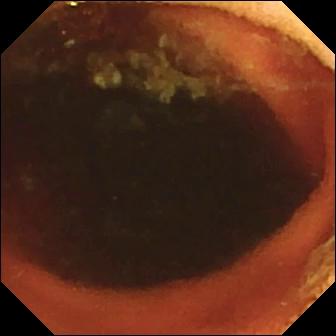This wireless capsule endoscopy frame was taken in the ileo-cecal valve region (the transition from the small bowel to the large bowel).